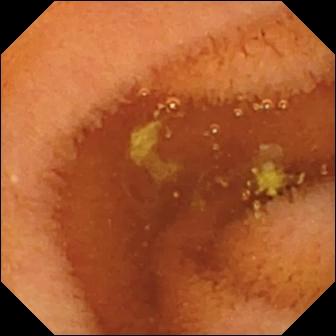VCE view showing normal clean mucosa.